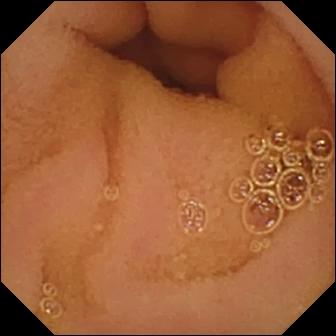PROCEDURE: WCE.
FINDINGS: Normal clean mucosa.